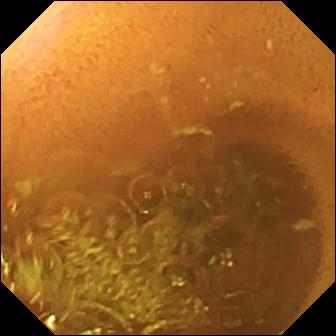modality: WCE; segment: small intestine; impression: normal clean mucosa